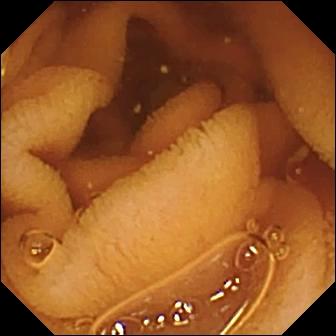PROCEDURE: VCE.
FINDINGS: Normal clean mucosa.